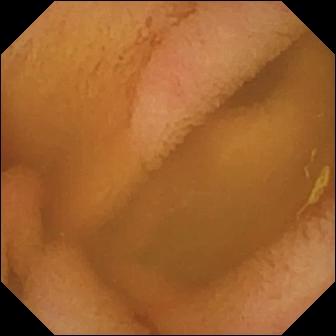Normal clean mucosa — WCE image.